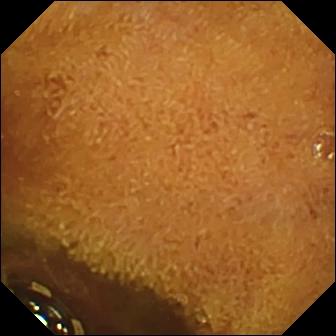Video capsule endoscopy view showing foreign body (e.g. retained capsule, tablet residue).